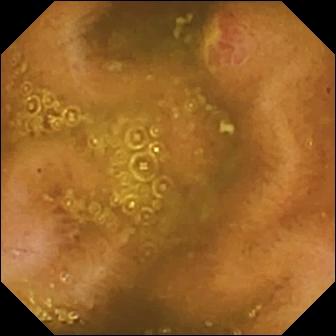modality: video capsule endoscopy; impression: ulcer